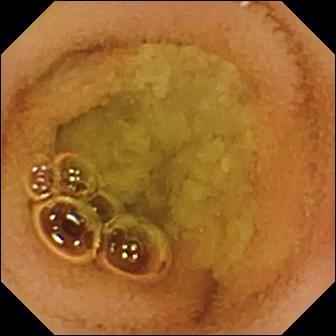Wireless capsule endoscopy image showing normal clean mucosa.